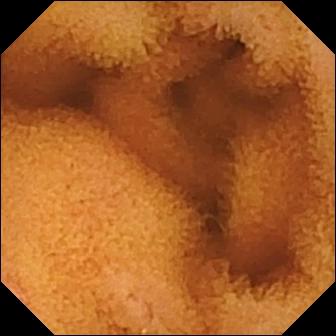{"modality": "capsule endoscopy", "finding": "normal clean mucosa"}